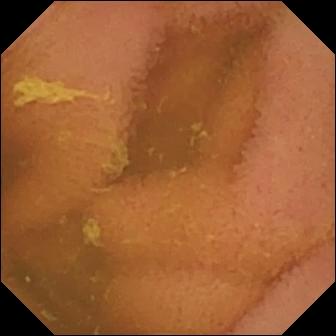Normal clean mucosa (336×336).